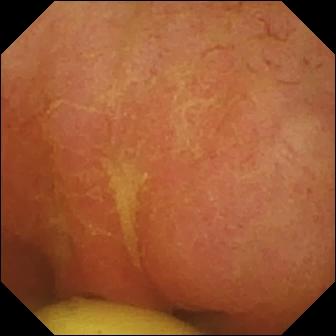WCE image, 336×336. Foreign body (e.g. retained capsule, tablet residue).